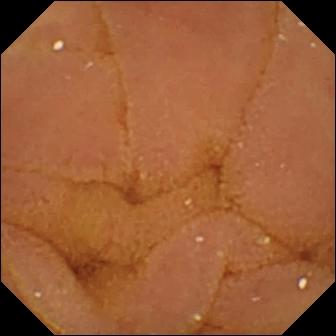VCE still
Finding: normal clean mucosa